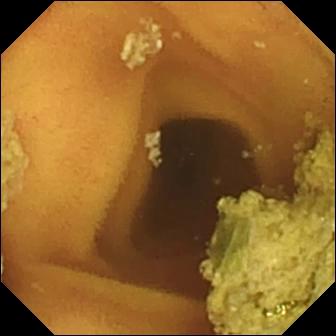Video capsule endoscopy frame (small bowel). Normal clean mucosa.